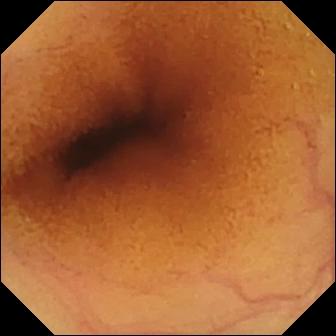modality: wireless capsule endoscopy
segment: small intestine
observation: normal clean mucosa